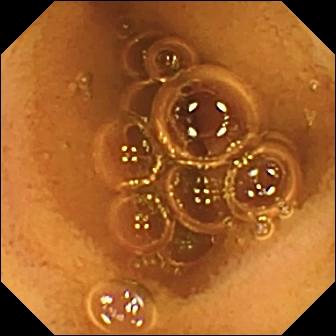Capsule endoscopy still showing normal clean mucosa.